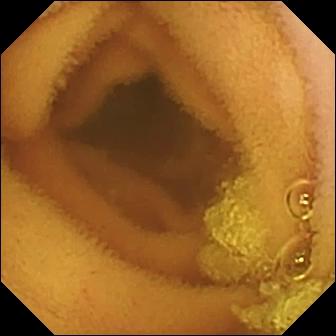Normal clean mucosa — wireless capsule endoscopy frame.